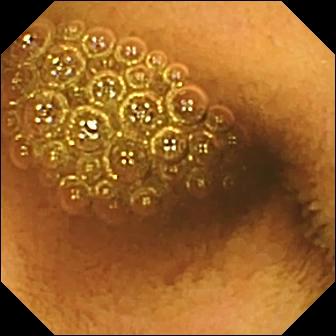This video capsule endoscopy still of the small intestine shows reduced mucosal view (content or bubbles obscuring the mucosa).